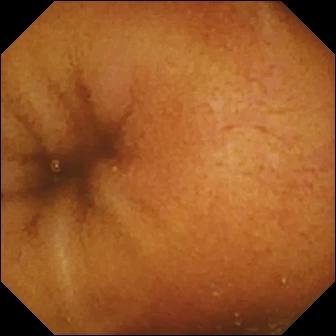Normal clean mucosa.